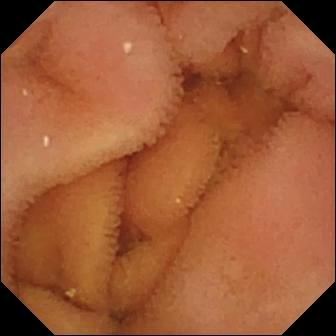Wireless capsule endoscopy snapshot of the small intestine showing normal clean mucosa.